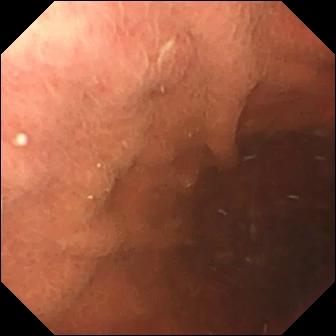This wireless capsule endoscopy still was taken in the pylorus region (where the capsule passes from the stomach into the small bowel).